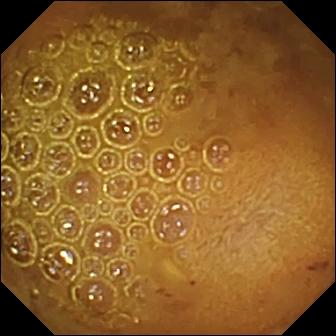modality: WCE | segment: small intestine | label: reduced mucosal view (content or bubbles obscuring the mucosa)